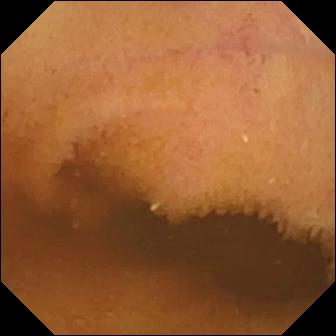WCE. Small bowel. Label: normal clean mucosa.